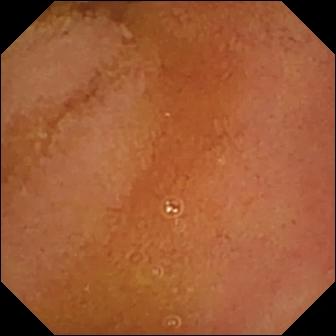WCE frame (small intestine), 336×336. Normal clean mucosa.